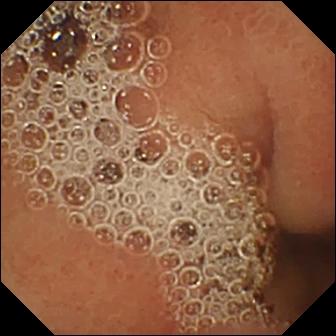modality: WCE | label: normal clean mucosa